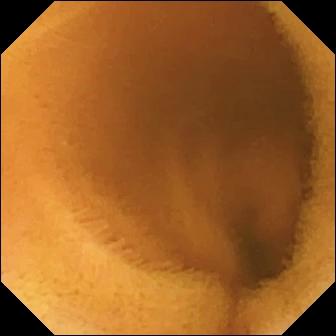This video capsule endoscopy image shows normal clean mucosa.